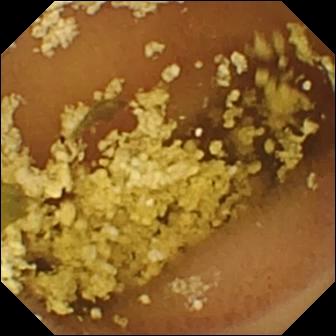Wireless capsule endoscopy snapshot. Normal clean mucosa.